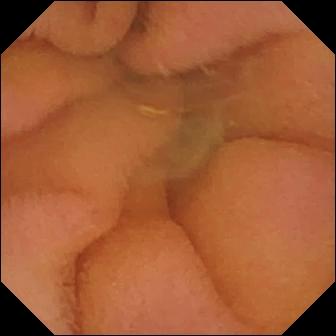- modality: video capsule endoscopy
- category: luminal finding
- finding: normal clean mucosa